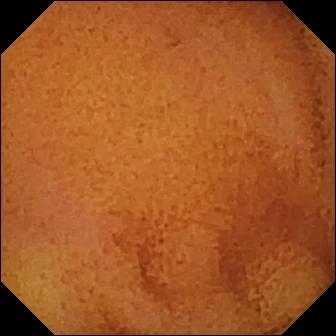Wireless capsule endoscopy — normal clean mucosa.